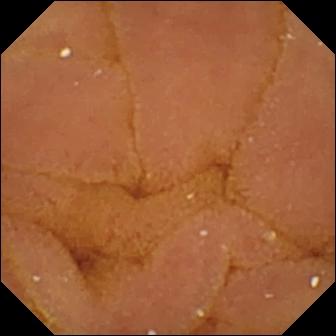Normal clean mucosa — small-bowel capsule endoscopy image of the small intestine.